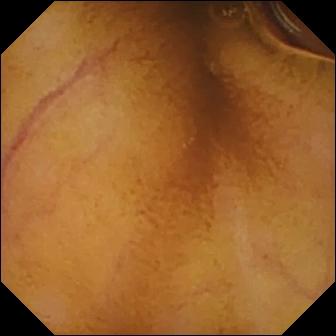modality: wireless capsule endoscopy
impression: normal clean mucosa